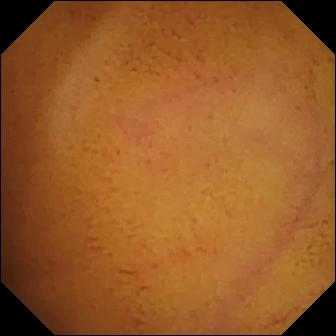PROCEDURE: Video capsule endoscopy.
FINDINGS: Normal clean mucosa.